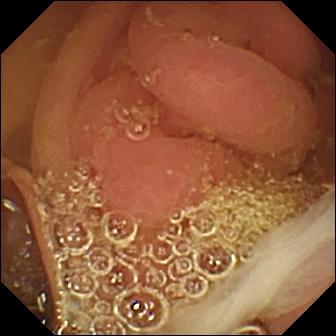Q: Where in the digestive tract was this capsule endoscopy snapshot taken?
A: Pylorus region (the junction between the stomach and the small bowel).